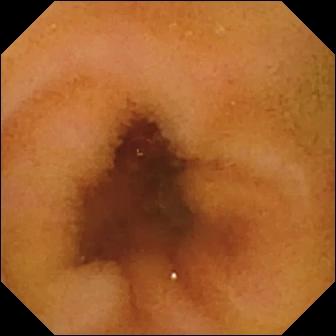PROCEDURE: Wireless capsule endoscopy.
FINDINGS: Normal clean mucosa.